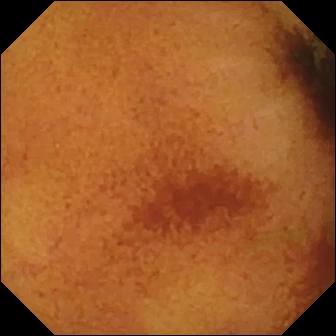Capsule endoscopy still
Label: normal clean mucosa